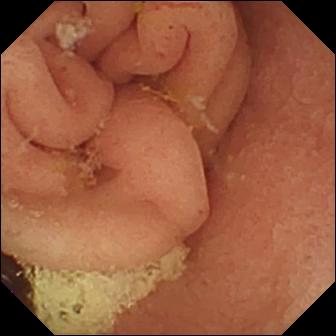Small-bowel capsule endoscopy view
Position: pylorus region (where the capsule passes from the stomach into the small bowel)